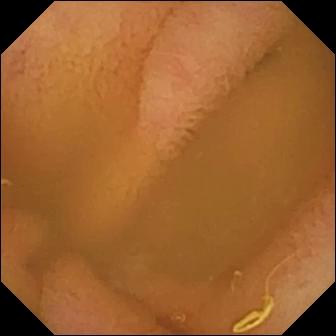Capsule endoscopy. Small bowel. Finding: normal clean mucosa.